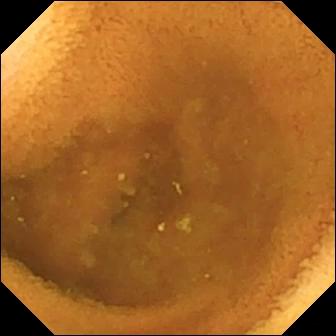PROCEDURE: Video capsule endoscopy.
SEGMENT: Small bowel.
FINDINGS: Normal clean mucosa.